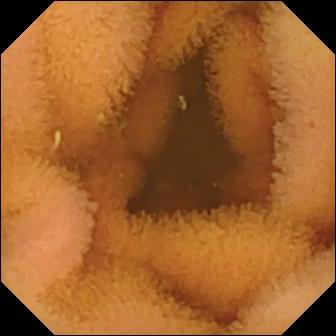- modality: wireless capsule endoscopy
- observation: normal clean mucosa